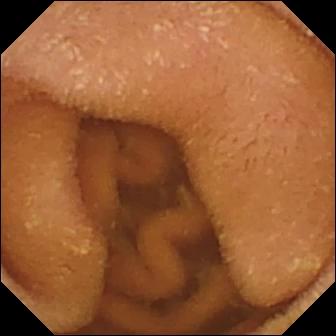PROCEDURE: Video capsule endoscopy.
FINDINGS: Normal clean mucosa.